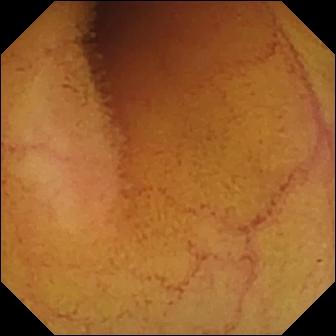modality: VCE | impression: normal clean mucosa